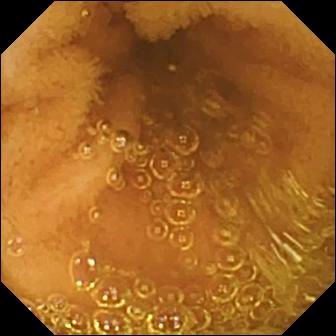Normal clean mucosa (336×336).